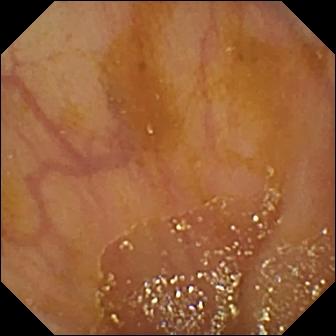- modality: VCE
- label: ileo-cecal valve region (where the capsule passes from the small bowel into the large bowel)